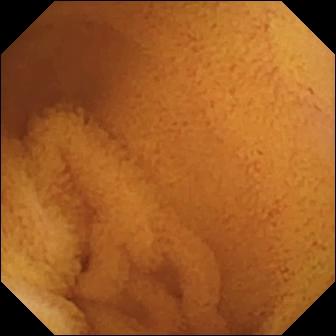modality: capsule endoscopy | finding: normal clean mucosa